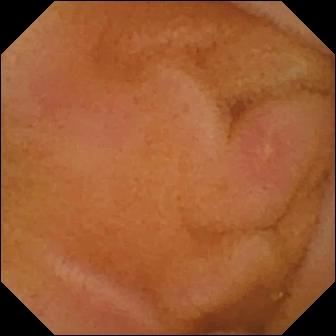WCE. Finding: erosion.